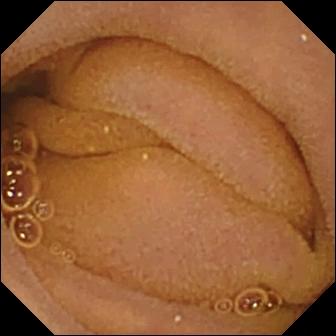Capsule endoscopy — normal clean mucosa.